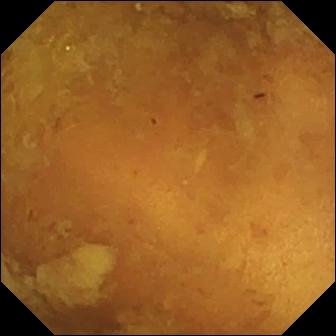modality: video capsule endoscopy; segment: small bowel; impression: reduced mucosal view (content or bubbles obscuring the mucosa)